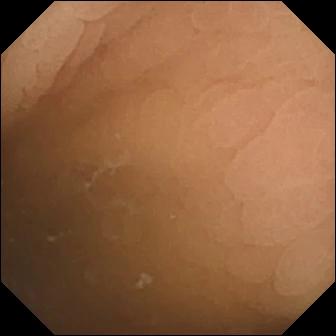PROCEDURE: WCE.
VIDEO SEGMENT: Pylorus region (where the capsule passes from the stomach into the small bowel).